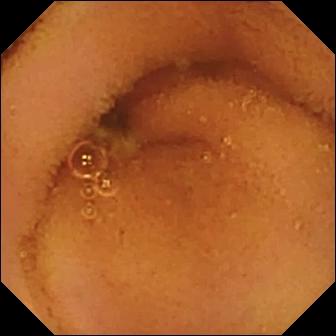Normal clean mucosa.